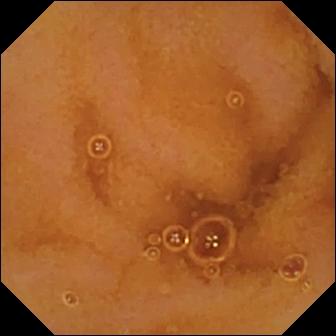{"modality": "capsule endoscopy", "finding": "normal clean mucosa"}